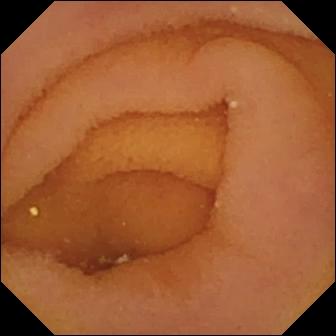Video capsule endoscopy still taken in the pylorus region (the junction between the stomach and the small bowel).